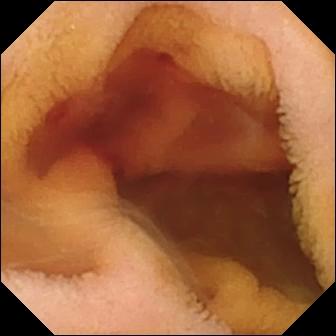Capsule endoscopy — fresh blood in the lumen.